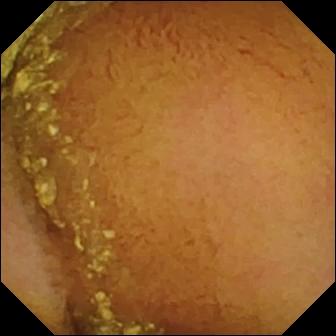- modality: wireless capsule endoscopy
- segment: small bowel
- observation: normal clean mucosa